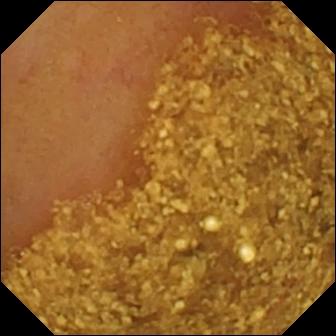Q: Where in the digestive tract was this capsule endoscopy view taken?
A: Ileo-cecal valve region.